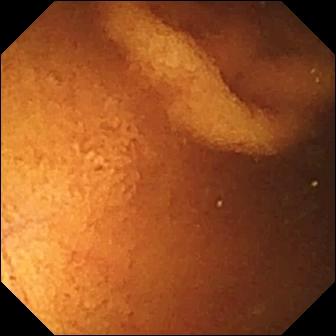VCE image showing normal clean mucosa.